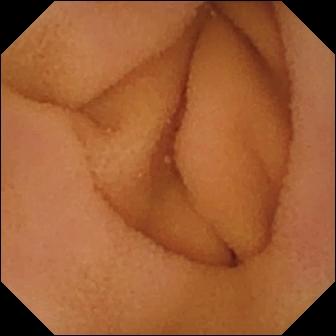Normal clean mucosa.